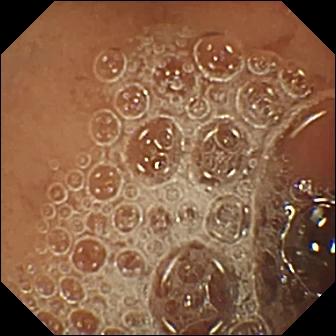PROCEDURE: Small-bowel capsule endoscopy.
FINDINGS: Normal clean mucosa.